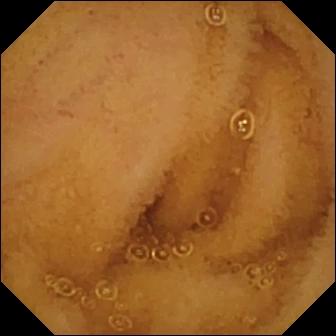Normal clean mucosa — capsule endoscopy snapshot of the small intestine.